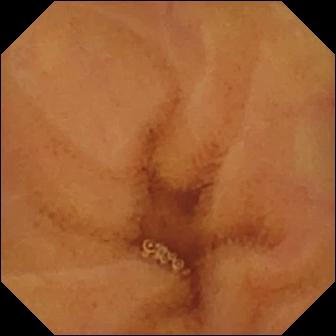VCE frame showing normal clean mucosa.